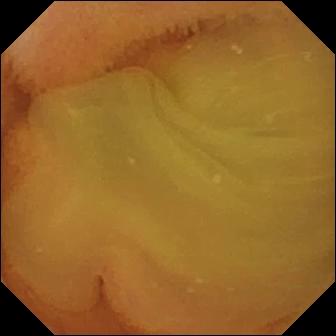Q: What does this WCE snapshot of the small intestine show?
A: Normal clean mucosa.